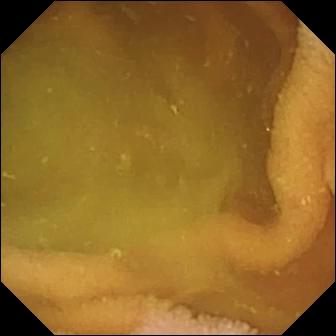Small-bowel capsule endoscopy still of the small bowel showing normal clean mucosa.